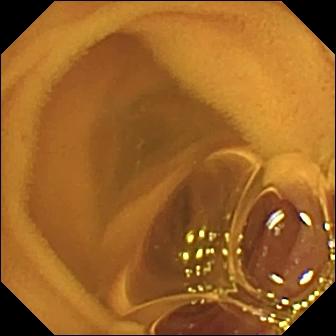Wireless capsule endoscopy — normal clean mucosa.